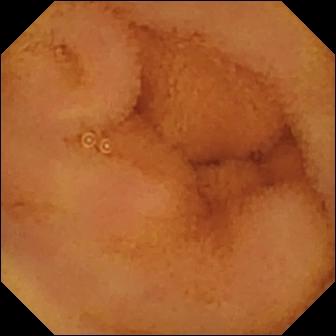Q: What does this video capsule endoscopy frame show?
A: Normal clean mucosa.